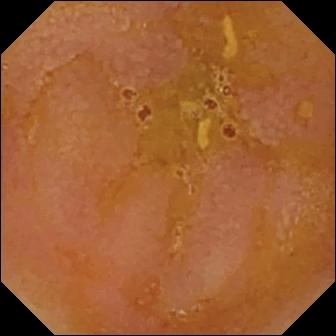- modality: capsule endoscopy
- finding: reduced mucosal view (content or bubbles obscuring the mucosa)